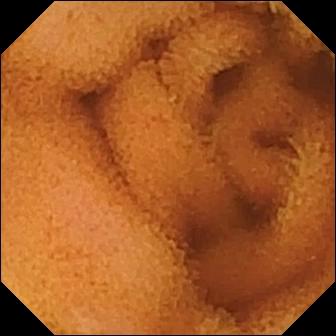VCE view. Normal clean mucosa.